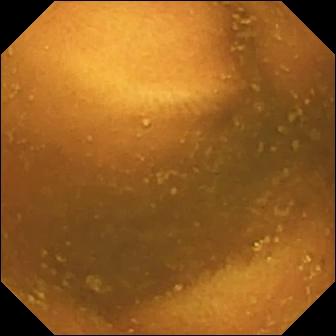WCE. Label: normal clean mucosa.